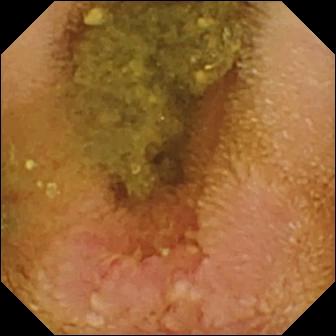{"modality": "WCE", "finding": "erosion"}